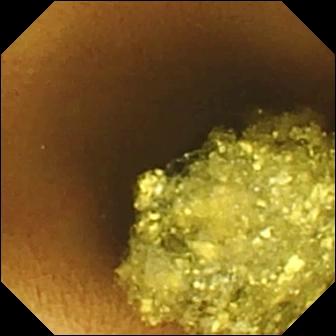VCE snapshot. Normal clean mucosa.